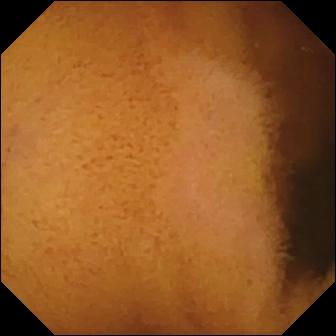Normal clean mucosa — VCE snapshot.